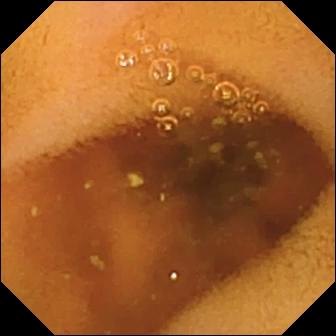Capsule endoscopy. Impression: normal clean mucosa.